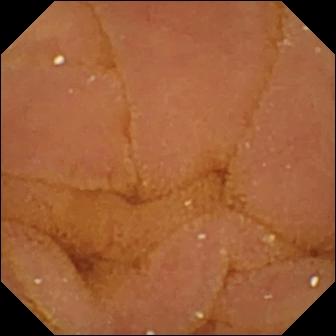Video capsule endoscopy snapshot of the small intestine showing normal clean mucosa.